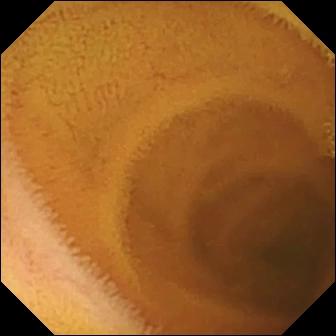- modality: capsule endoscopy
- finding: normal clean mucosa